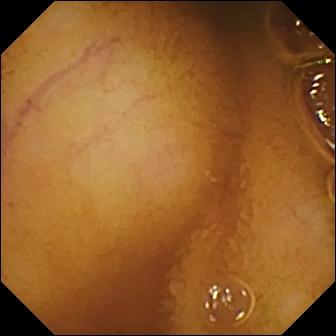Normal clean mucosa — wireless capsule endoscopy still.